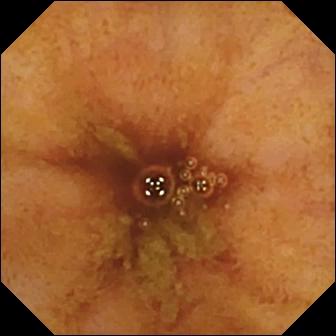- modality: small-bowel capsule endoscopy
- video segment: ileo-cecal valve region (where the capsule passes from the small bowel into the large bowel)